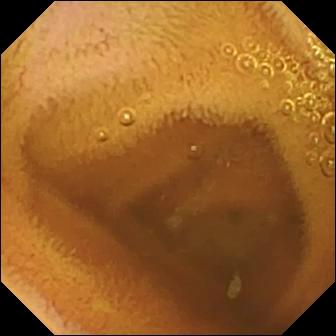PROCEDURE: WCE.
FINDINGS: Normal clean mucosa.